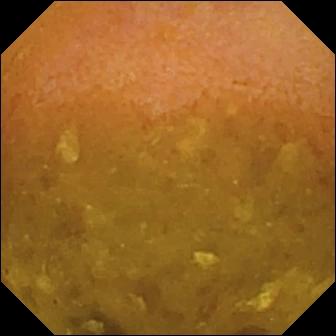Small-bowel capsule endoscopy — reduced mucosal view (content or bubbles obscuring the mucosa).